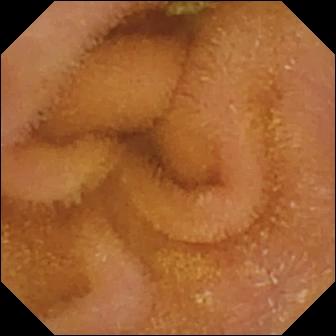Small-bowel capsule endoscopy frame
Observation: normal clean mucosa